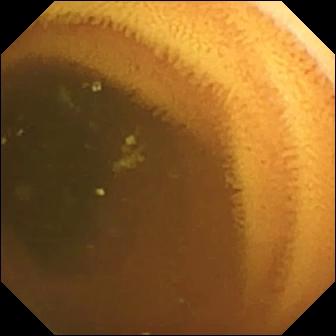VCE. Finding: normal clean mucosa.